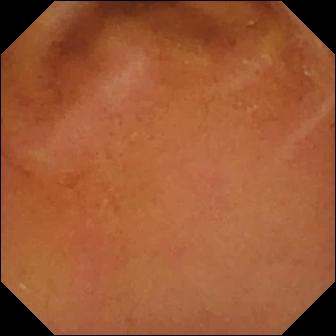Q: What does this video capsule endoscopy snapshot show?
A: Normal clean mucosa.